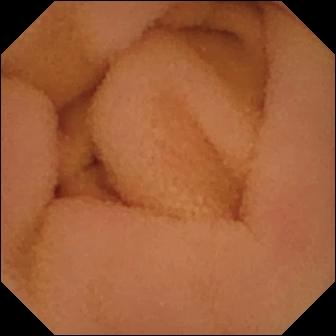Wireless capsule endoscopy still showing normal clean mucosa.